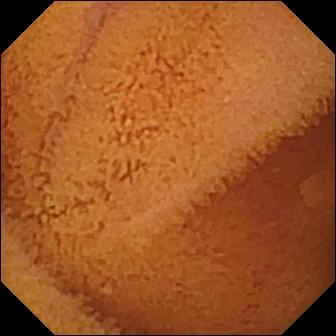Video capsule endoscopy. Small intestine. Luminal finding. Observation: normal clean mucosa.